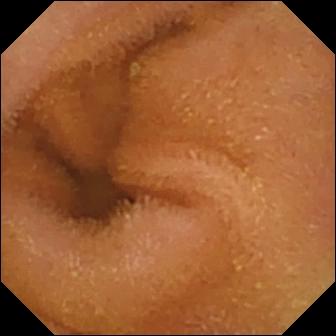{"modality": "video capsule endoscopy", "segment": "small bowel", "category": "luminal finding", "finding": "normal clean mucosa"}